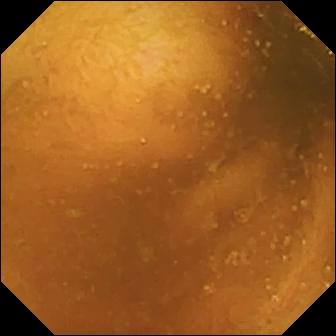Q: What does this wireless capsule endoscopy view show?
A: Normal clean mucosa.